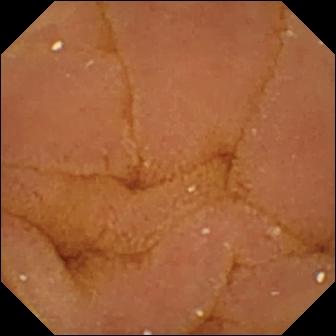modality: WCE | impression: normal clean mucosa